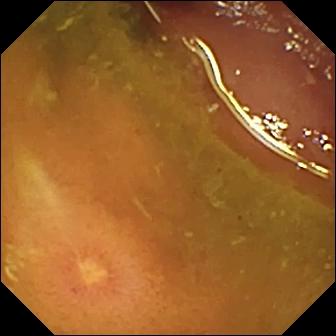Q: What does this VCE image show?
A: Ulcer.